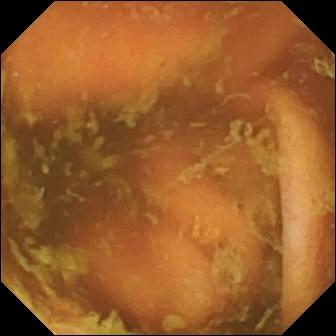Q: Where in the digestive tract was this video capsule endoscopy still taken?
A: Ileo-cecal valve region.